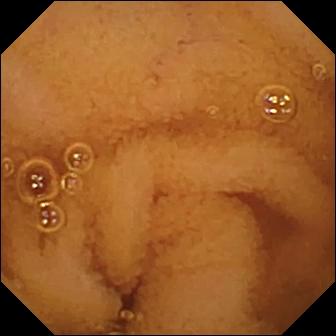Q: What does this wireless capsule endoscopy frame show?
A: Normal clean mucosa.